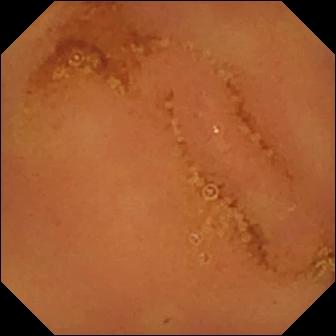Wireless capsule endoscopy snapshot (small intestine). Normal clean mucosa.